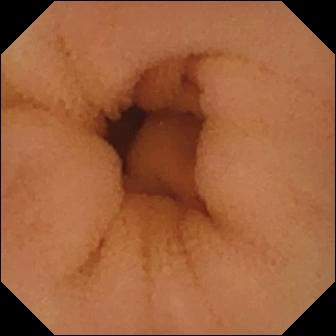Capsule endoscopy. Observation: normal clean mucosa.